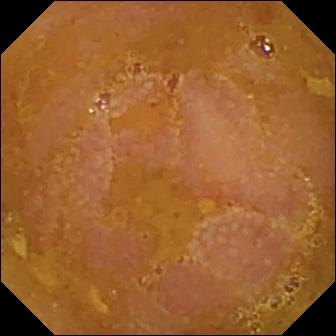modality: video capsule endoscopy
impression: reduced mucosal view (content or bubbles obscuring the mucosa)